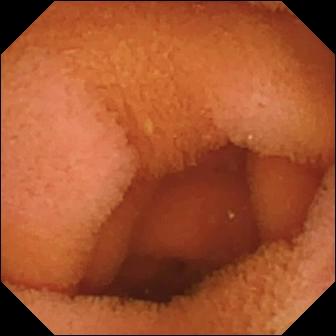Small-bowel capsule endoscopy. Luminal finding. Finding: normal clean mucosa.